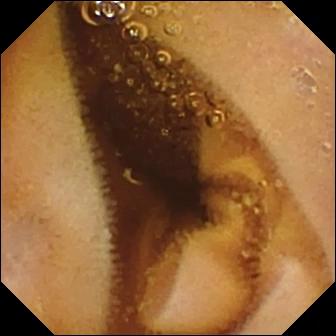Normal clean mucosa.